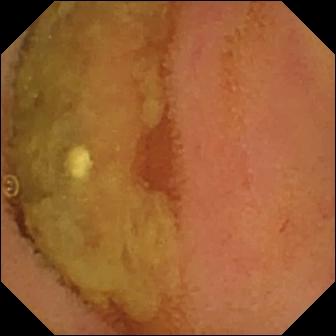Video capsule endoscopy — normal clean mucosa.